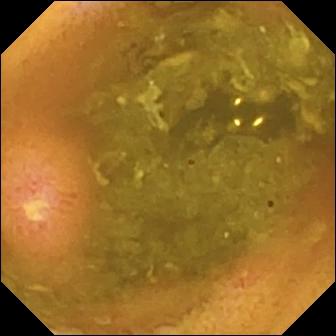Ulcer — wireless capsule endoscopy frame.